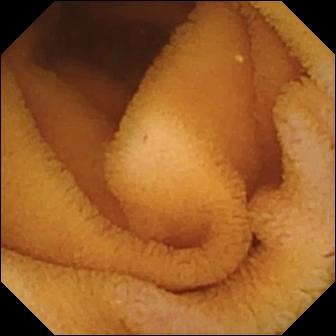Normal clean mucosa — small-bowel capsule endoscopy still of the small bowel.